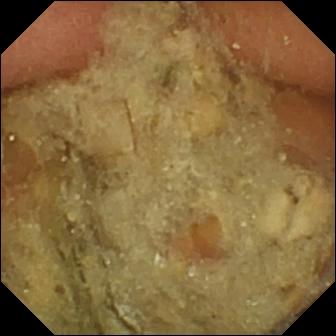Pylorus region (where the capsule passes from the stomach into the small bowel), 336×336.